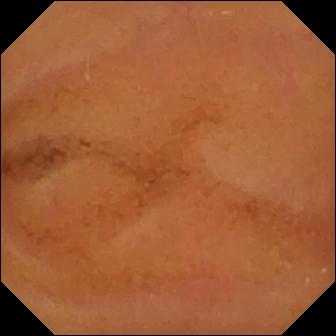WCE frame of the small bowel showing normal clean mucosa.